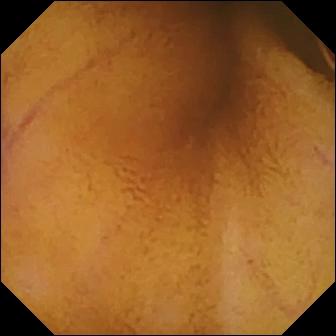Normal clean mucosa — WCE still.